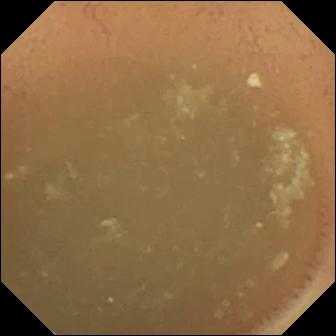modality: VCE; label: normal clean mucosa